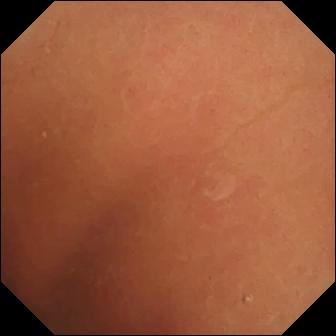This WCE snapshot shows normal clean mucosa.